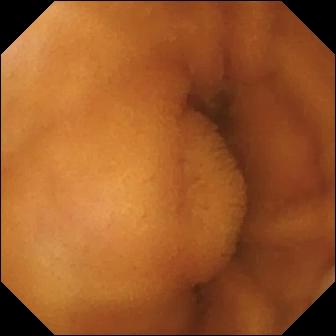Q: What does this VCE image of the small bowel show?
A: Normal clean mucosa.